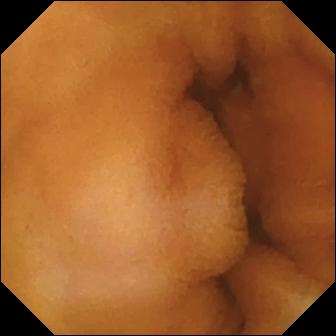Wireless capsule endoscopy view. Normal clean mucosa.